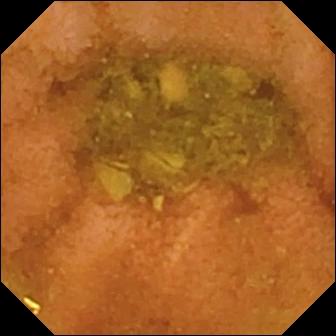VCE frame (small bowel). Normal clean mucosa.